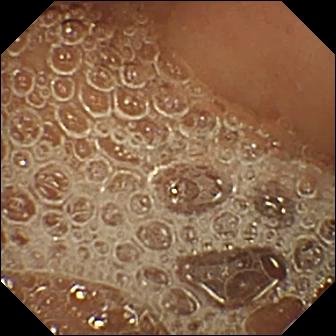PROCEDURE: Small-bowel capsule endoscopy.
FINDINGS: Normal clean mucosa.